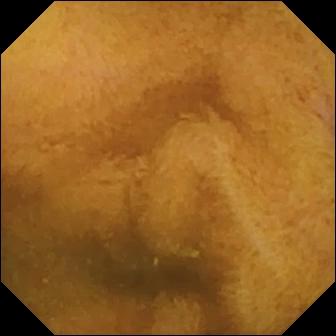Normal clean mucosa — capsule endoscopy frame of the small bowel.